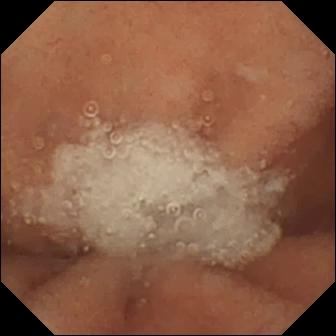{"modality": "VCE", "category": "luminal finding", "finding": "normal clean mucosa"}